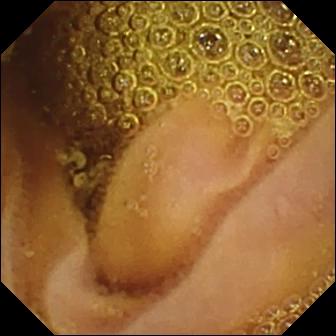Capsule endoscopy frame, small bowel
Observation: normal clean mucosa